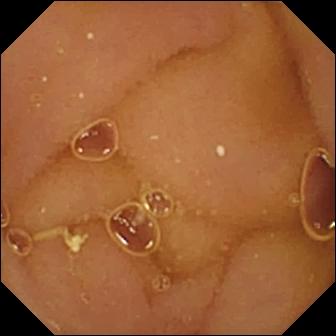{"modality": "WCE", "finding": "normal clean mucosa"}